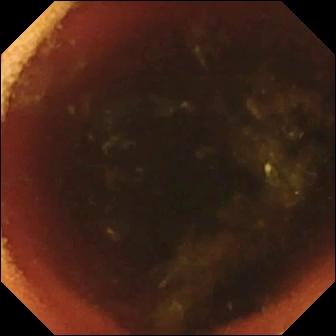Ileo-cecal valve region (where the capsule passes from the small bowel into the large bowel).